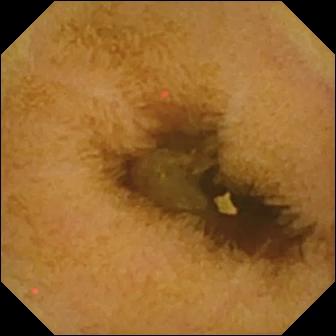Q: What does this capsule endoscopy frame of the small bowel show?
A: Normal clean mucosa.